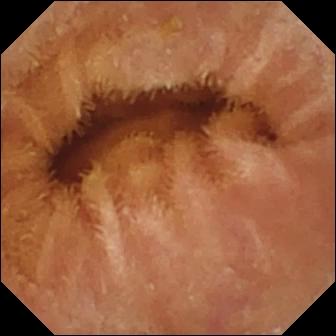Small-bowel capsule endoscopy snapshot of the small bowel showing normal clean mucosa.